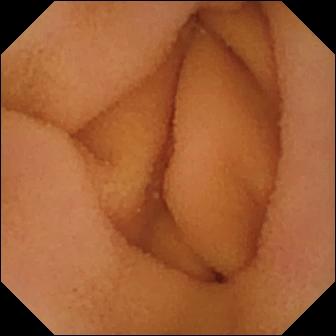Video capsule endoscopy. Observation: normal clean mucosa.